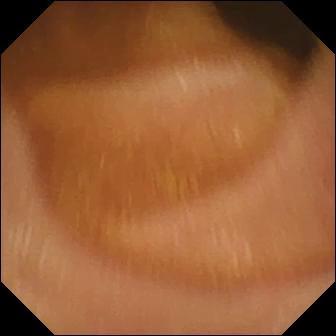modality: video capsule endoscopy; category: luminal finding; label: normal clean mucosa